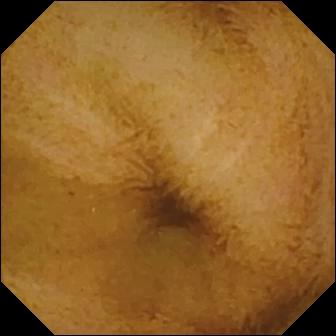Video capsule endoscopy frame, small bowel
Label: normal clean mucosa